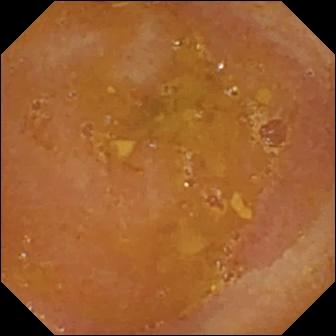Reduced mucosal view (content or bubbles obscuring the mucosa) — small-bowel capsule endoscopy view of the small bowel.